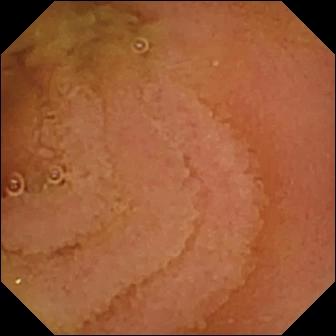WCE — normal clean mucosa.